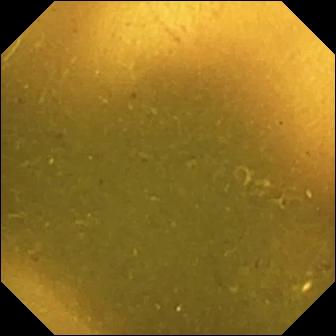Ileo-cecal valve region (the transition from the small bowel to the large bowel).